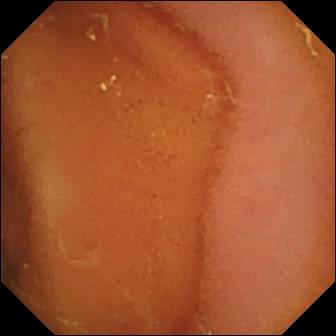PROCEDURE: Capsule endoscopy.
FINDINGS: Normal clean mucosa.